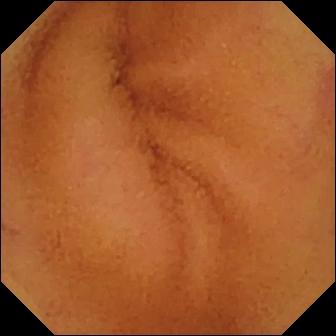modality: capsule endoscopy | segment: small bowel | finding: normal clean mucosa